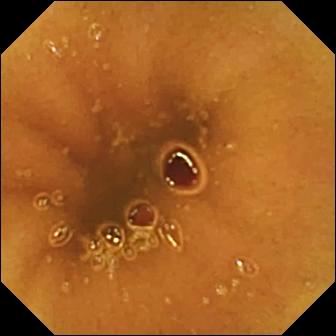This wireless capsule endoscopy frame of the small intestine shows normal clean mucosa.